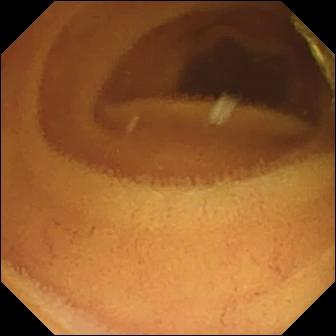This video capsule endoscopy snapshot of the small intestine shows normal clean mucosa.